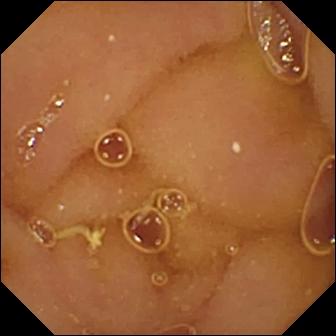Normal clean mucosa.